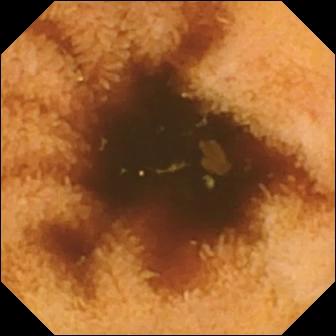Normal clean mucosa — capsule endoscopy snapshot of the small bowel.